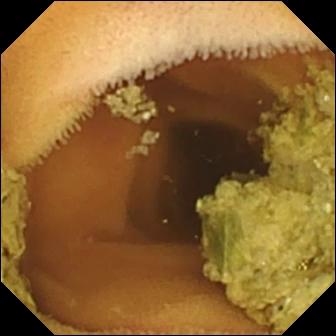modality: small-bowel capsule endoscopy
label: normal clean mucosa